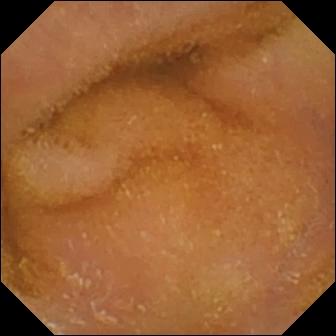Normal clean mucosa.